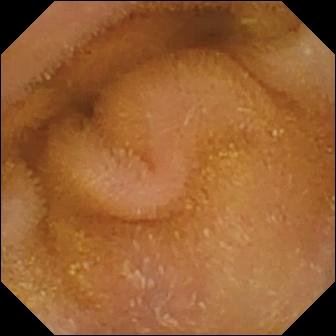{"modality": "small-bowel capsule endoscopy", "segment": "small bowel", "finding": "normal clean mucosa"}